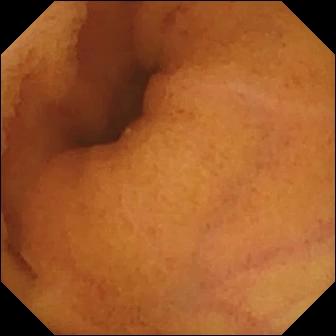PROCEDURE: Small-bowel capsule endoscopy.
FINDINGS: Normal clean mucosa.